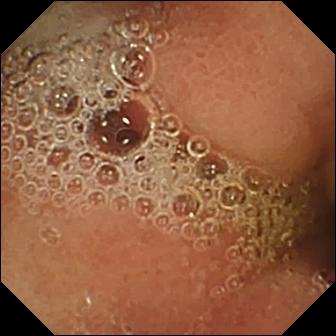- modality: VCE
- category: luminal finding
- finding: normal clean mucosa